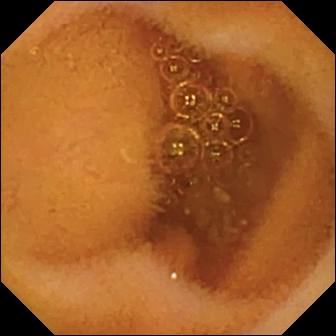modality: small-bowel capsule endoscopy; segment: small intestine; impression: normal clean mucosa